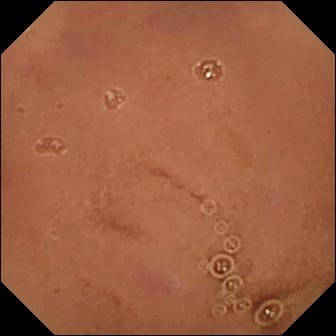Normal clean mucosa — small-bowel capsule endoscopy image of the small bowel.